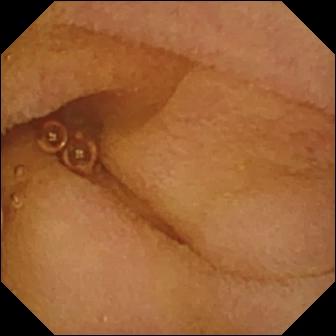Normal clean mucosa.